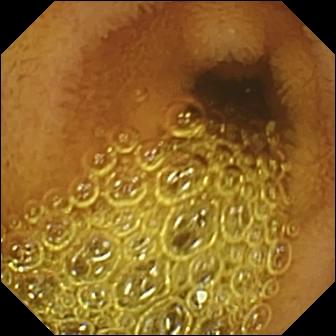VCE frame showing normal clean mucosa.